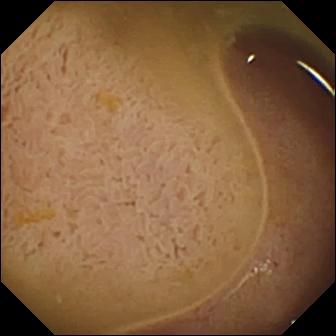- modality: WCE
- position: ileo-cecal valve region (where the capsule passes from the small bowel into the large bowel)